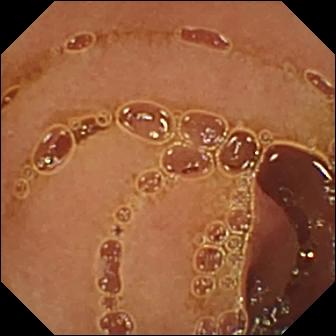{"modality": "VCE", "segment": "small bowel", "category": "luminal finding", "finding": "normal clean mucosa"}